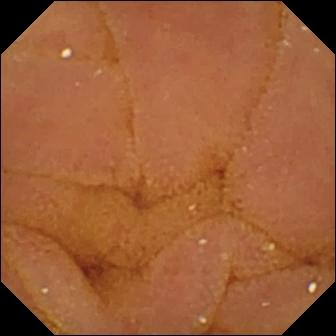WCE view. Normal clean mucosa.